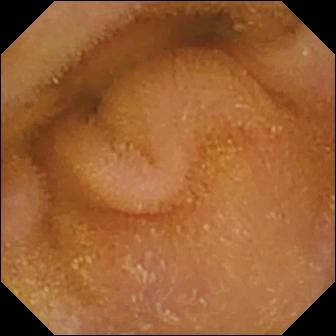Capsule endoscopy image (small intestine). Normal clean mucosa.